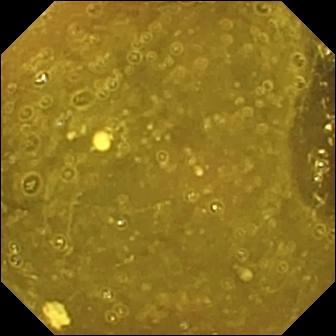Wireless capsule endoscopy. Near an anatomical landmark. Position: ileo-cecal valve region (the transition from the small bowel to the large bowel).